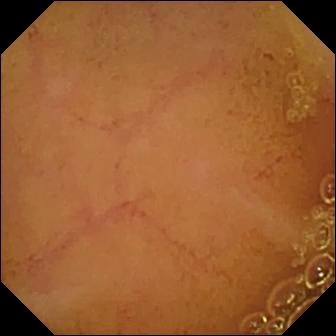Normal clean mucosa — VCE view.